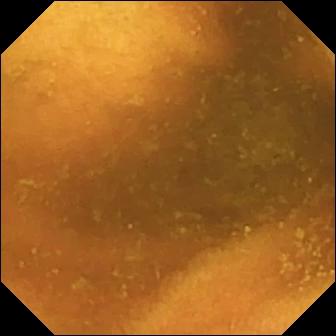Capsule endoscopy frame showing normal clean mucosa.